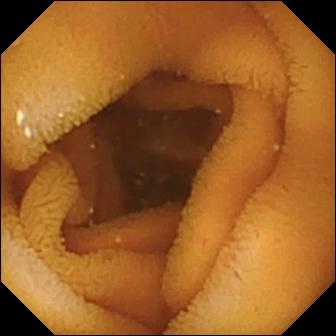modality: capsule endoscopy
segment: small bowel
category: luminal finding
observation: normal clean mucosa